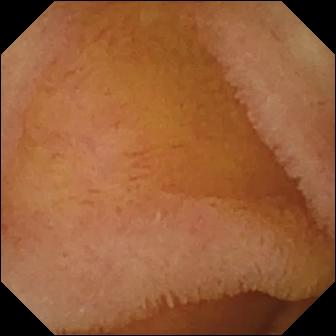Normal clean mucosa.